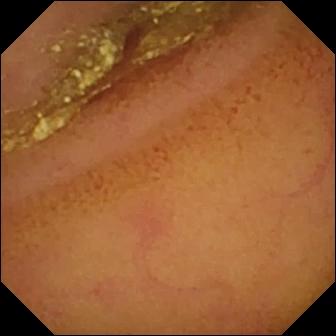Video capsule endoscopy snapshot, 336×336. Normal clean mucosa.